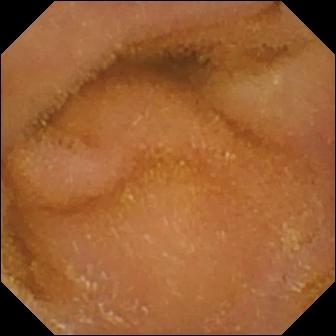{"modality": "WCE", "segment": "small bowel", "finding": "normal clean mucosa"}